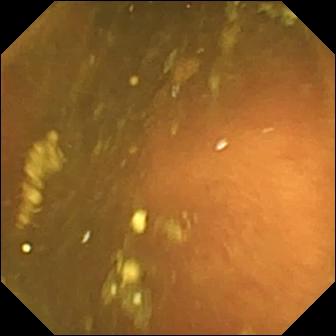PROCEDURE: WCE.
LOCATION: Ileo-cecal valve region (where the capsule passes from the small bowel into the large bowel).